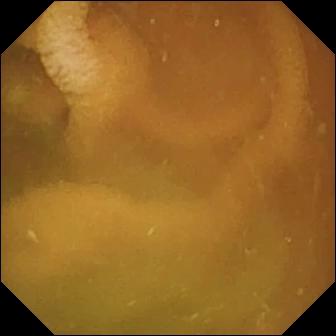Normal clean mucosa.